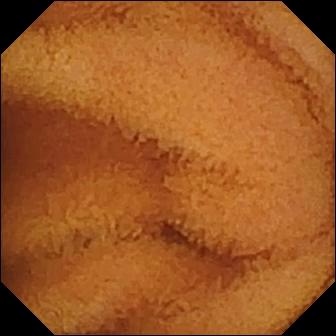modality: VCE; segment: small bowel; finding: normal clean mucosa